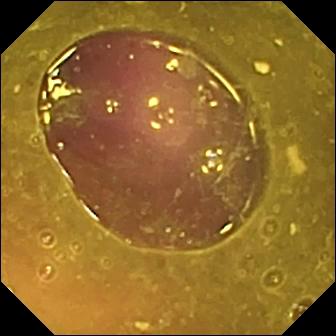Small-bowel capsule endoscopy — reduced mucosal view (content or bubbles obscuring the mucosa).